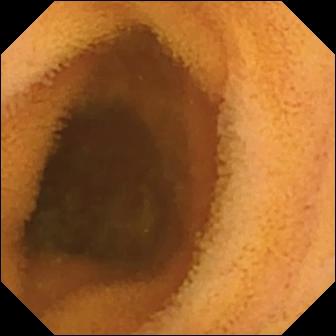Wireless capsule endoscopy snapshot, small bowel
Observation: normal clean mucosa